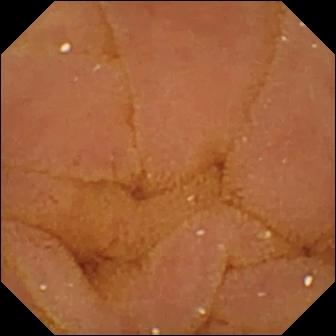Normal clean mucosa.